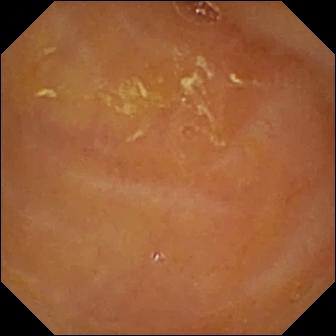Wireless capsule endoscopy view, small intestine
Observation: reduced mucosal view (content or bubbles obscuring the mucosa)